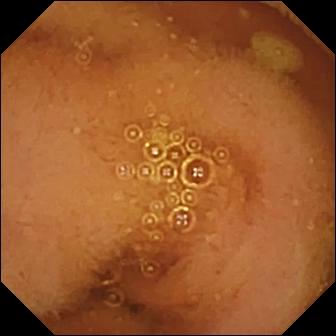Video capsule endoscopy view of the small bowel showing normal clean mucosa.